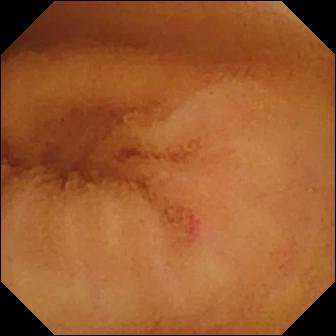This capsule endoscopy snapshot shows angiectasia.